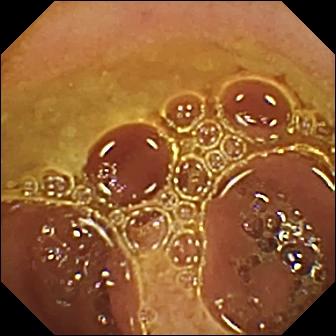PROCEDURE: VCE.
SEGMENT: Small intestine.
FINDINGS: Normal clean mucosa.